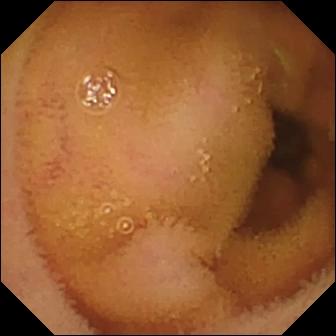Wireless capsule endoscopy — normal clean mucosa.